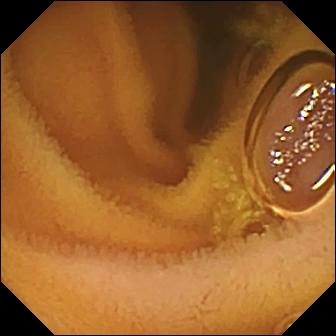Normal clean mucosa — capsule endoscopy view.